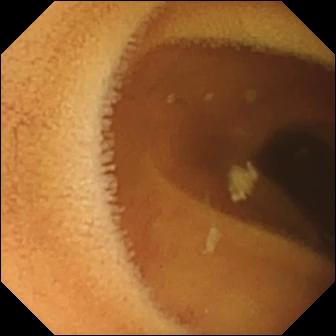- modality: video capsule endoscopy
- category: luminal finding
- label: normal clean mucosa